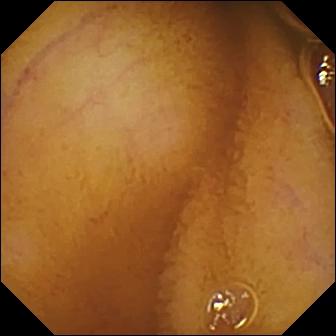Wireless capsule endoscopy still showing normal clean mucosa.